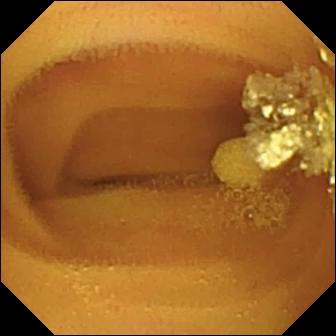{"modality": "video capsule endoscopy", "finding": "lymphangiectasia"}